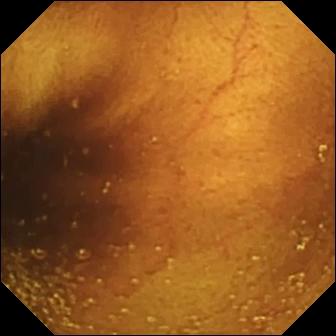Ileo-cecal valve region (the transition from the small bowel to the large bowel).